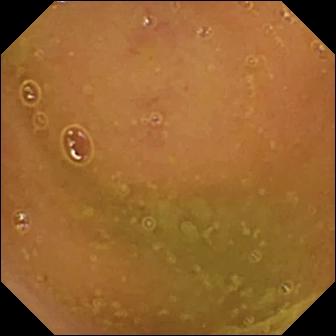Capsule endoscopy frame showing normal clean mucosa.